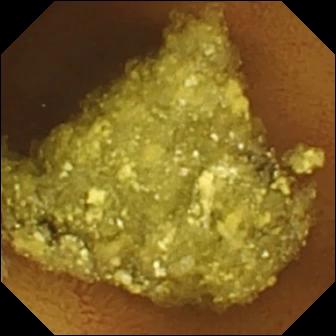Small-bowel capsule endoscopy — normal clean mucosa.